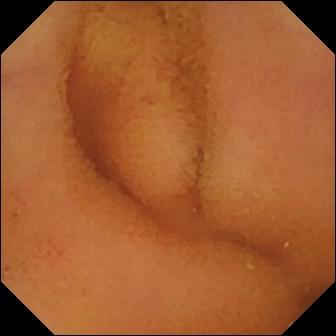Video capsule endoscopy still
Label: normal clean mucosa